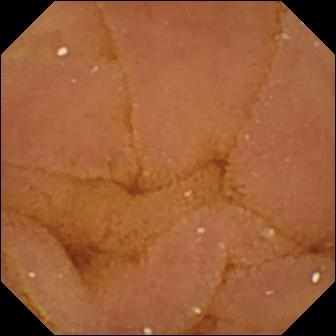Normal clean mucosa — WCE frame.